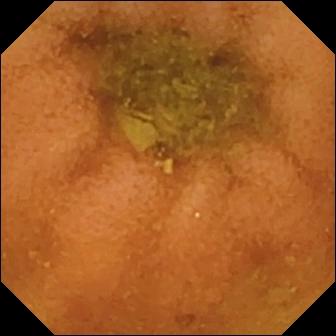- modality: VCE
- finding: normal clean mucosa